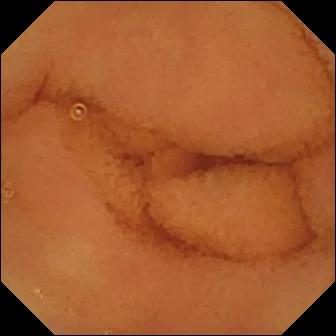This wireless capsule endoscopy frame shows normal clean mucosa.